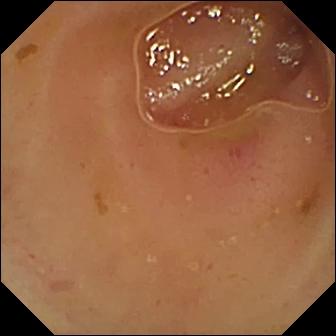PROCEDURE: WCE.
FINDINGS: Erythema (mucosal redness).